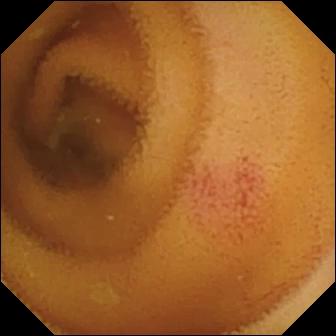Q: What does this VCE still show?
A: Angiectasia.